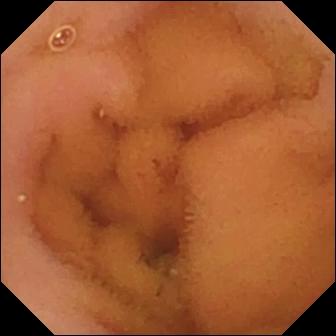Normal clean mucosa.